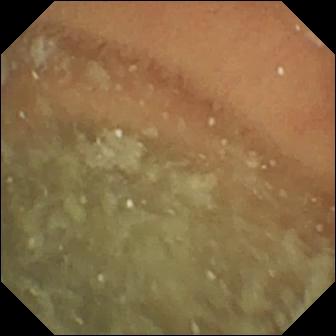PROCEDURE: Small-bowel capsule endoscopy.
FINDINGS: Normal clean mucosa.